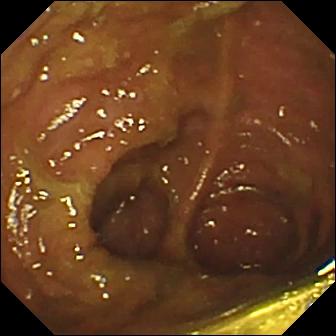PROCEDURE: Capsule endoscopy.
LOCATION: Ileo-cecal valve region.